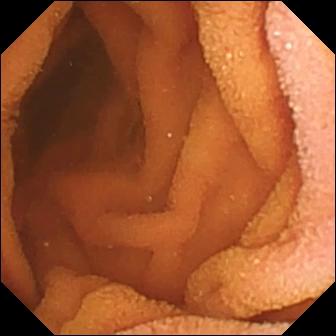{"modality": "WCE", "finding": "normal clean mucosa"}